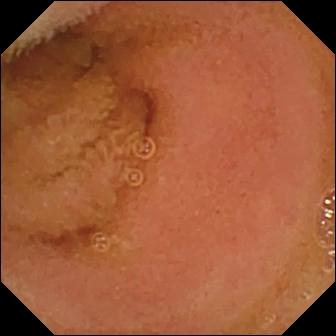Normal clean mucosa (336×336).